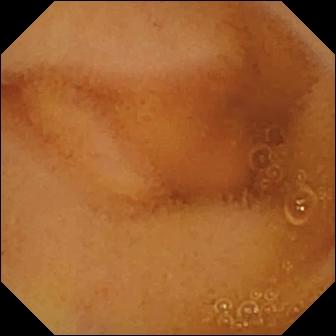Normal clean mucosa — video capsule endoscopy image of the small intestine.